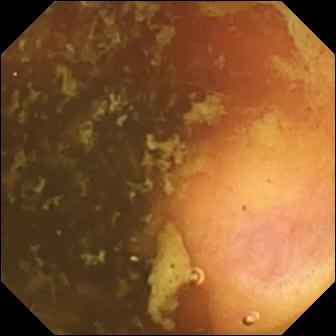- modality: small-bowel capsule endoscopy
- label: ileo-cecal valve region (the transition from the small bowel to the large bowel)